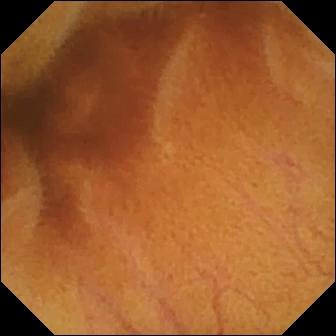modality: capsule endoscopy | segment: small intestine | category: luminal finding | label: normal clean mucosa